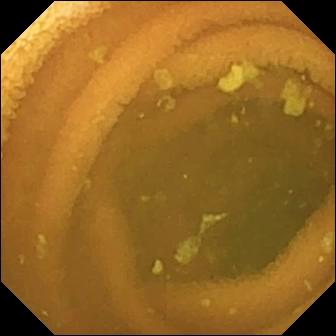This VCE view of the small intestine shows normal clean mucosa.